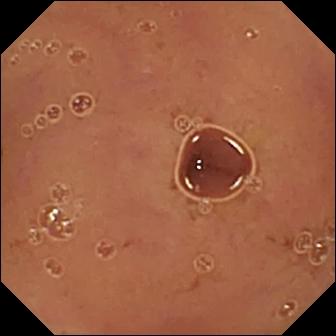modality: video capsule endoscopy; segment: small bowel; label: normal clean mucosa